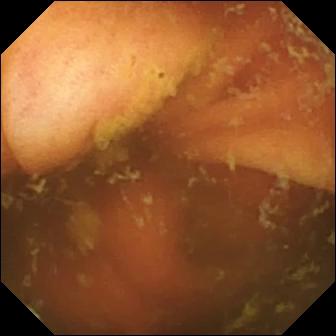Ileo-cecal valve region (where the capsule passes from the small bowel into the large bowel).